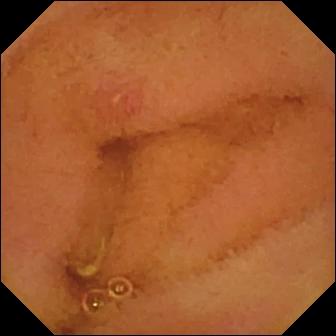Capsule endoscopy — erosion.